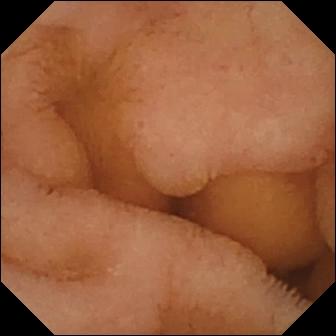- modality: VCE
- observation: normal clean mucosa